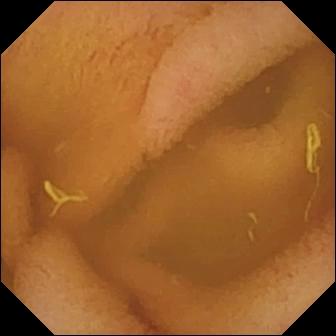Normal clean mucosa.